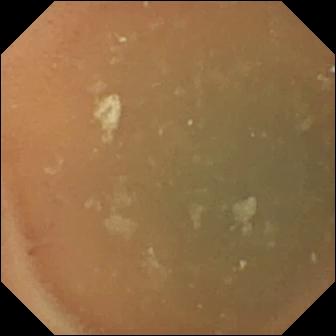Normal clean mucosa (336×336).